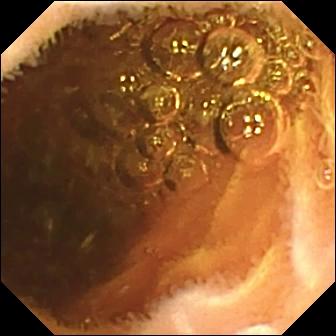Normal clean mucosa.